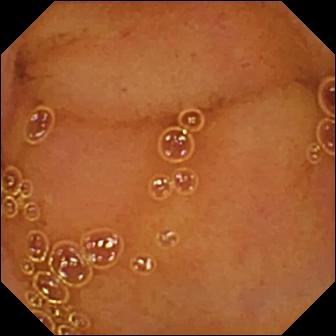Normal clean mucosa — small-bowel capsule endoscopy still of the small intestine.